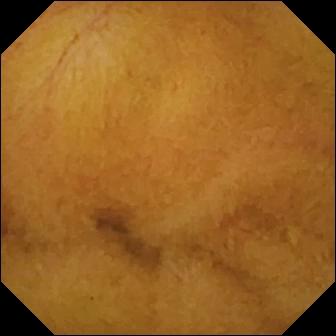WCE snapshot. Normal clean mucosa.